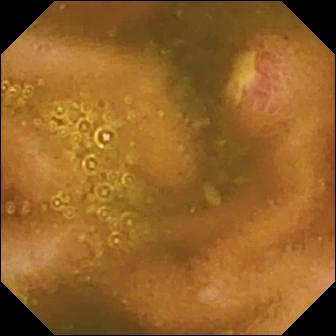Q: What does this VCE view show?
A: Ulcer.